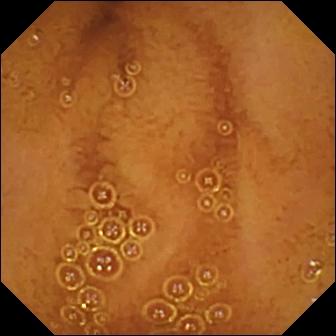WCE snapshot
Impression: normal clean mucosa